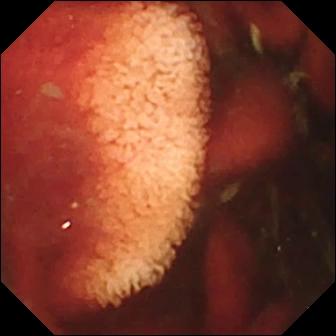modality: WCE; category: luminal finding; finding: fresh blood in the lumen